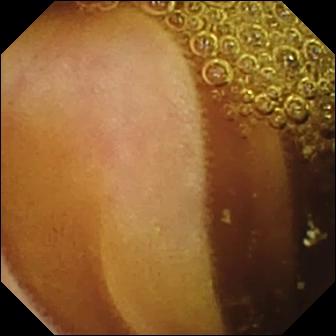This capsule endoscopy snapshot shows normal clean mucosa.